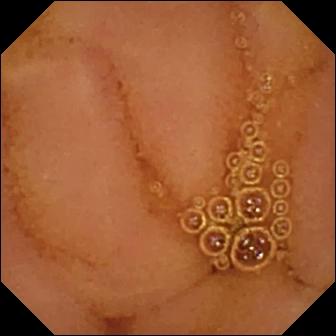Normal clean mucosa — VCE still of the small intestine.